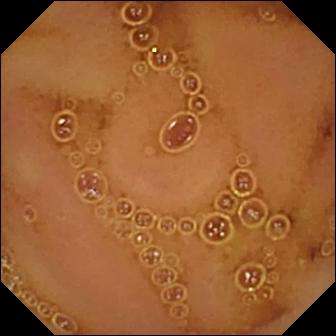{"modality": "video capsule endoscopy", "segment": "small intestine", "finding": "normal clean mucosa"}